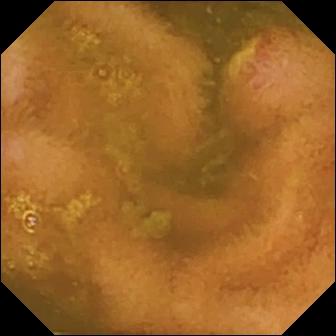- modality: wireless capsule endoscopy
- observation: ulcer